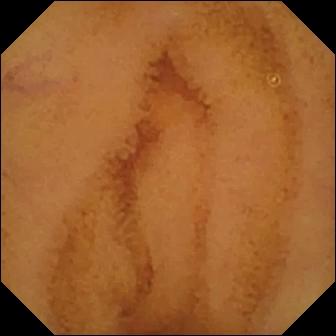- modality: WCE
- observation: normal clean mucosa